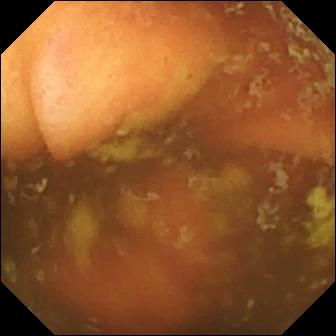WCE frame
Label: ileo-cecal valve region (the transition from the small bowel to the large bowel)